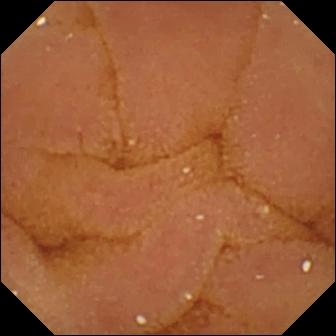VCE image
Observation: normal clean mucosa